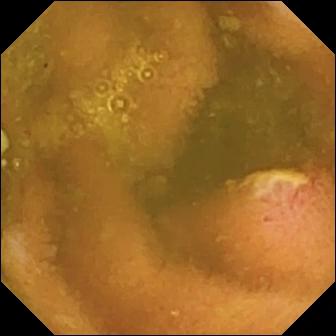VCE. Luminal finding. Finding: ulcer.